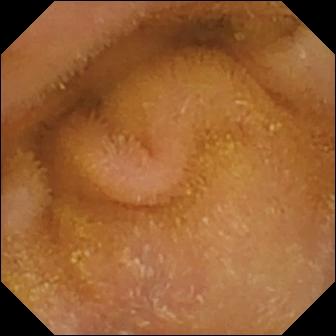This VCE snapshot shows normal clean mucosa.